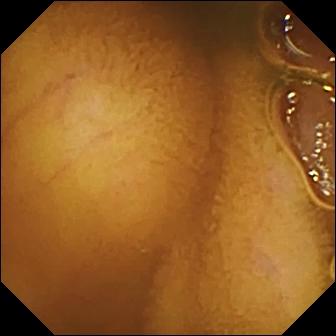This WCE image shows normal clean mucosa.